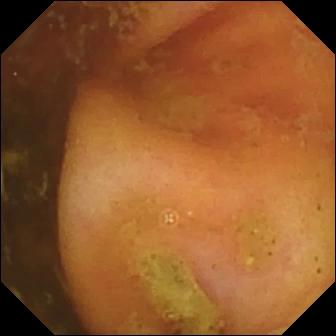PROCEDURE: Wireless capsule endoscopy.
POSITION: Ileo-cecal valve region (where the capsule passes from the small bowel into the large bowel).